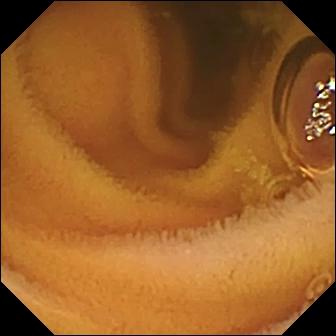{"modality": "VCE", "category": "luminal finding", "finding": "normal clean mucosa"}